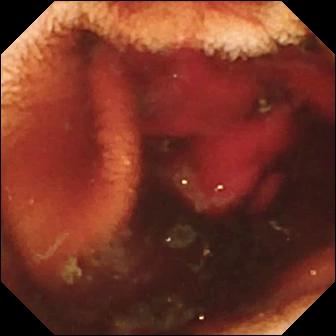Q: What does this VCE image show?
A: Fresh blood in the lumen.